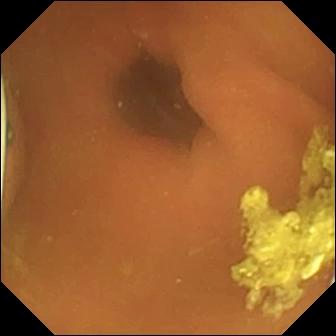{"modality": "small-bowel capsule endoscopy", "finding": "foreign body (e.g. retained capsule, tablet residue)"}